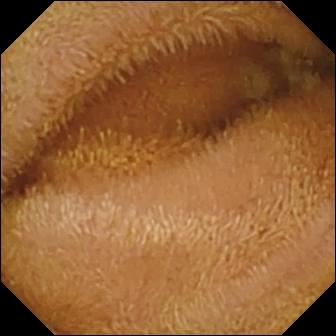Video capsule endoscopy frame, small bowel
Impression: normal clean mucosa